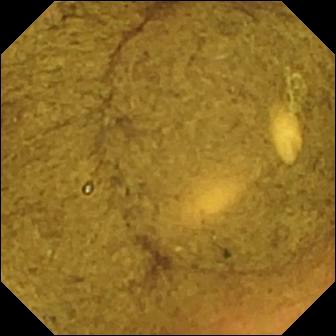Video capsule endoscopy view
Position: ileo-cecal valve region (the transition from the small bowel to the large bowel)